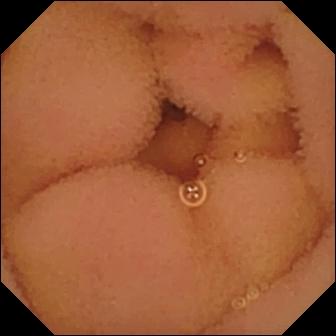Normal clean mucosa — WCE frame of the small bowel.